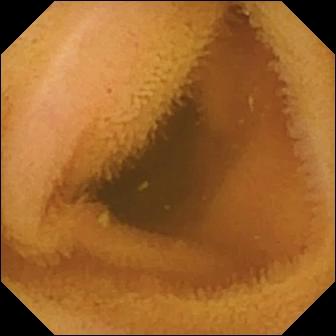Normal clean mucosa.